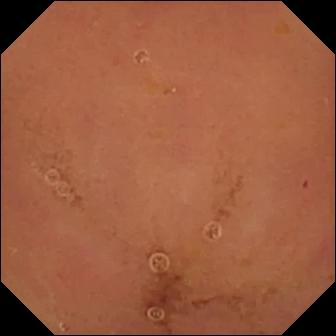Normal clean mucosa — VCE frame.